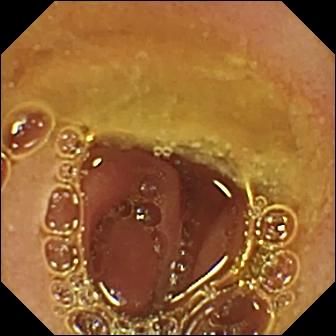This VCE still of the small bowel shows normal clean mucosa.